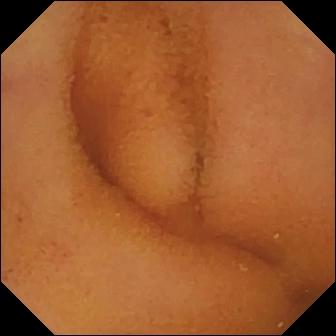Q: What does this VCE image of the small bowel show?
A: Normal clean mucosa.